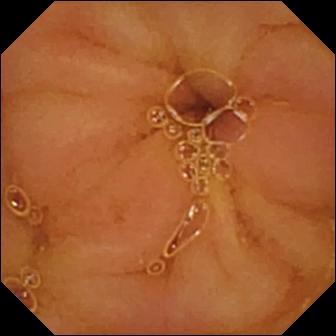- modality: video capsule endoscopy
- observation: normal clean mucosa